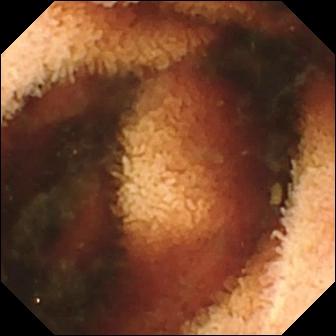modality: video capsule endoscopy; category: luminal finding; impression: fresh blood in the lumen